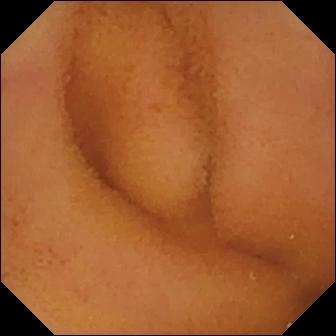Video capsule endoscopy still of the small intestine showing normal clean mucosa.